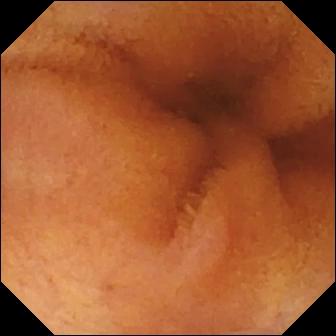WCE snapshot, small intestine
Label: normal clean mucosa